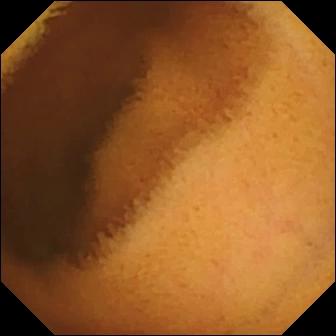WCE frame (small intestine), 336×336. Normal clean mucosa.